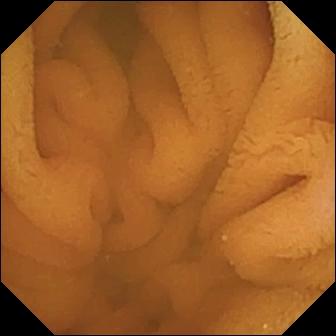WCE frame
Finding: normal clean mucosa